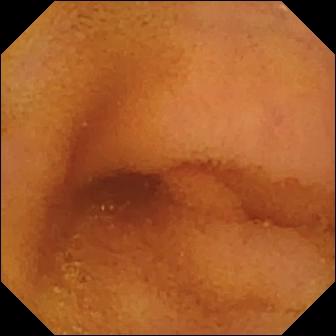Q: What does this capsule endoscopy frame of the small intestine show?
A: Normal clean mucosa.